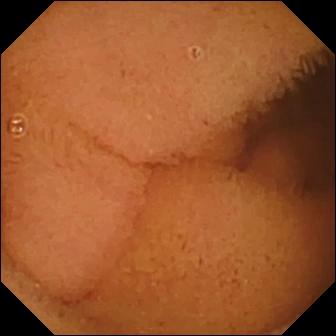Normal clean mucosa — WCE view.